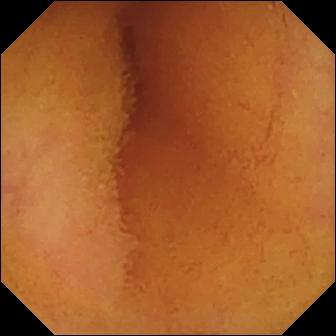Video capsule endoscopy still showing normal clean mucosa.